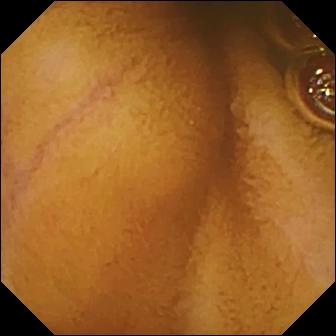Wireless capsule endoscopy frame (small bowel). Normal clean mucosa.